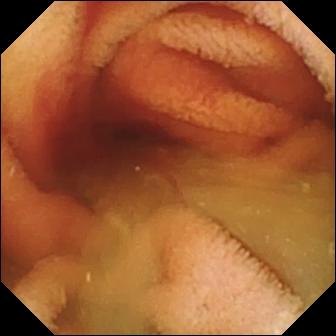WCE. Label: fresh blood in the lumen.